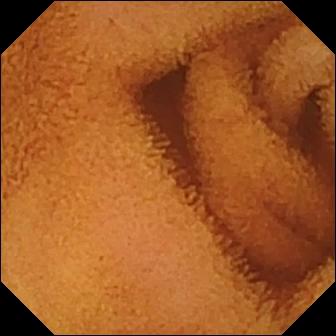This VCE image shows normal clean mucosa.